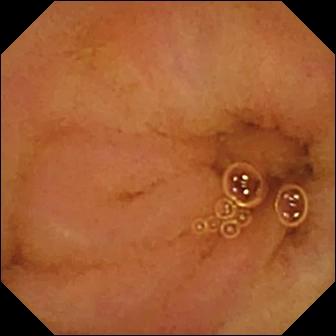Normal clean mucosa.